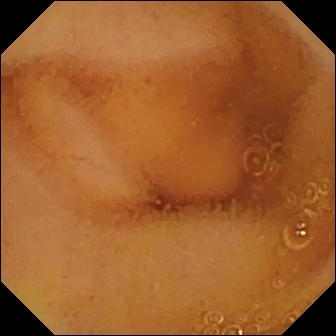Video capsule endoscopy. Small intestine. Impression: normal clean mucosa.